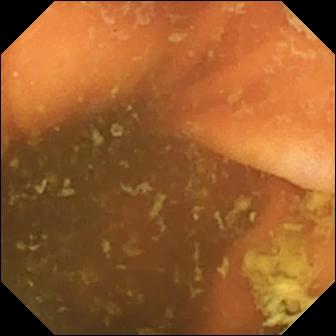VCE still. Taken in the ileo-cecal valve region (the transition from the small bowel to the large bowel).